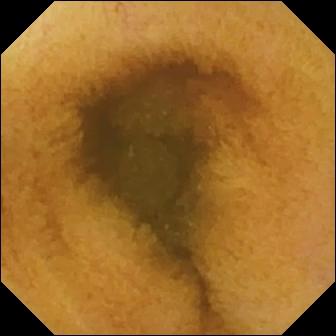PROCEDURE: Wireless capsule endoscopy.
SEGMENT: Small intestine.
FINDINGS: Normal clean mucosa.